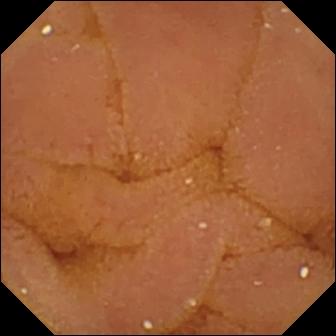Normal clean mucosa.